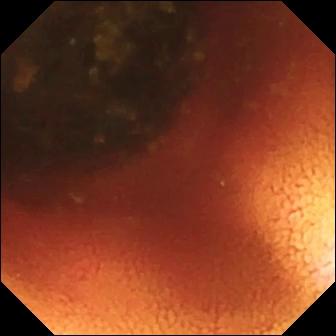- modality: VCE
- video segment: ileo-cecal valve region (where the capsule passes from the small bowel into the large bowel)